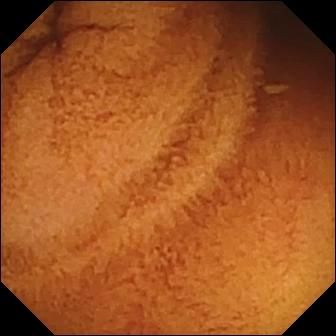- modality: WCE
- segment: small intestine
- category: luminal finding
- observation: normal clean mucosa